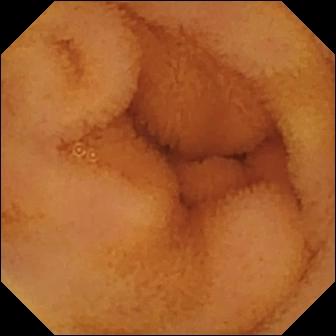modality: WCE; segment: small intestine; label: normal clean mucosa